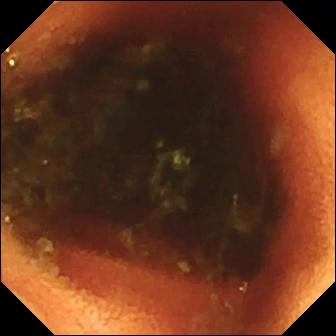Wireless capsule endoscopy. Video segment: ileo-cecal valve region (the transition from the small bowel to the large bowel).